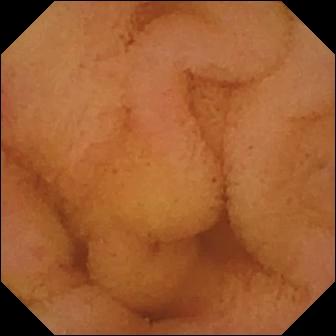Video capsule endoscopy — normal clean mucosa.